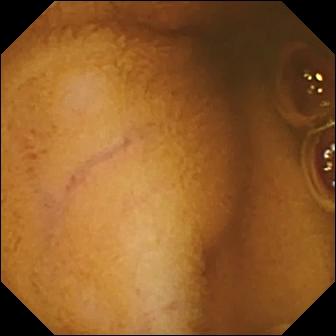Capsule endoscopy — normal clean mucosa.